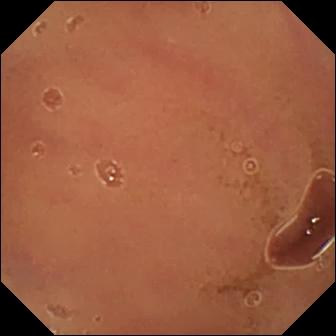Q: What does this wireless capsule endoscopy still show?
A: Normal clean mucosa.